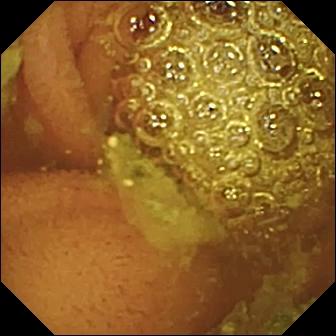Wireless capsule endoscopy. Small intestine. Impression: normal clean mucosa.